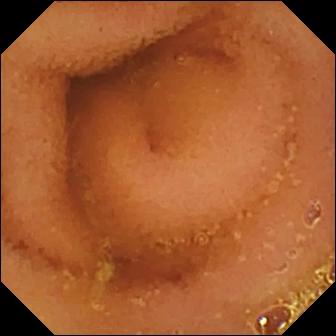Video capsule endoscopy — normal clean mucosa.